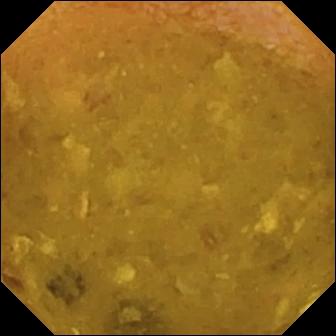Video capsule endoscopy view (small bowel), 336×336. Reduced mucosal view (content or bubbles obscuring the mucosa).